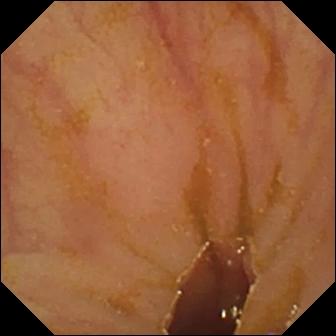Wireless capsule endoscopy — ileo-cecal valve region (where the capsule passes from the small bowel into the large bowel).